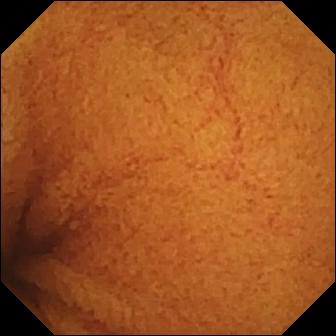Capsule endoscopy — normal clean mucosa.